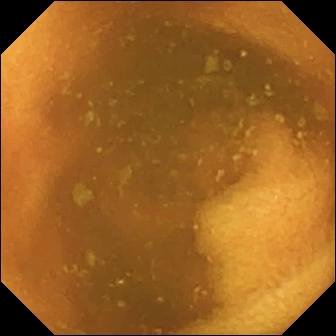- modality: WCE
- impression: normal clean mucosa